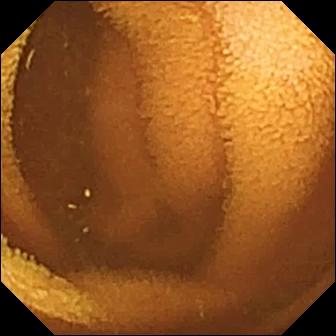- modality: WCE
- segment: small bowel
- impression: normal clean mucosa